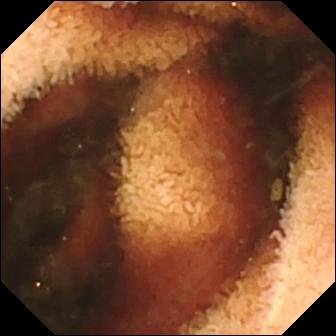Small-bowel capsule endoscopy still
Impression: fresh blood in the lumen